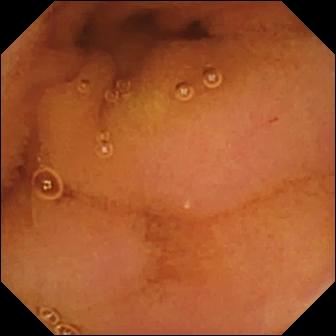PROCEDURE: Wireless capsule endoscopy.
SEGMENT: Small intestine.
FINDINGS: Normal clean mucosa.